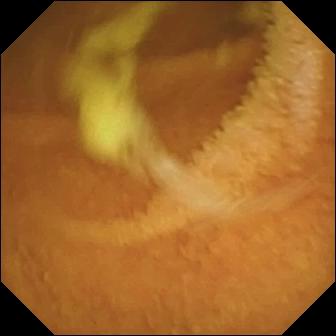- modality: capsule endoscopy
- finding: normal clean mucosa